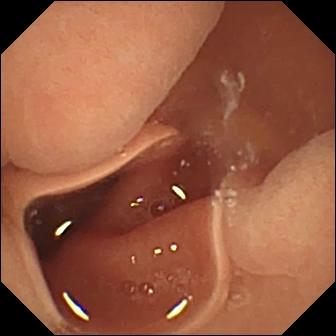VCE — normal clean mucosa.